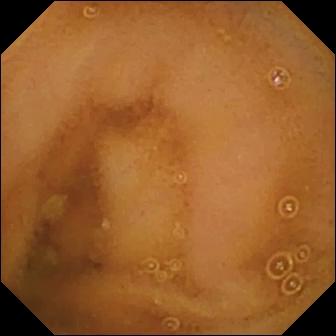Wireless capsule endoscopy frame, small intestine
Observation: normal clean mucosa